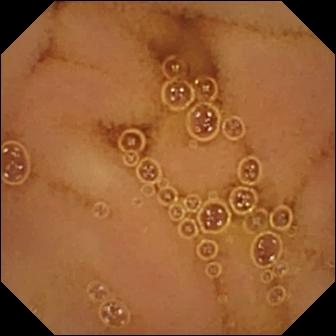Capsule endoscopy — normal clean mucosa.